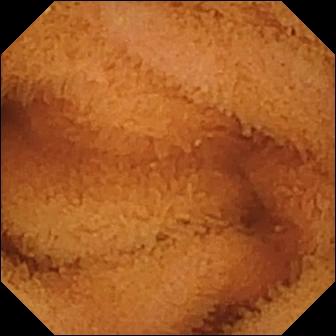Video capsule endoscopy — normal clean mucosa.